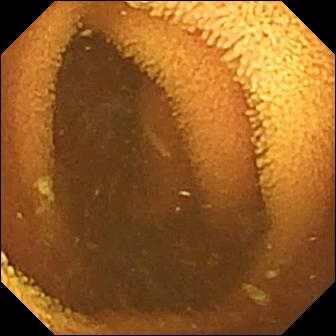Small-bowel capsule endoscopy view showing normal clean mucosa.